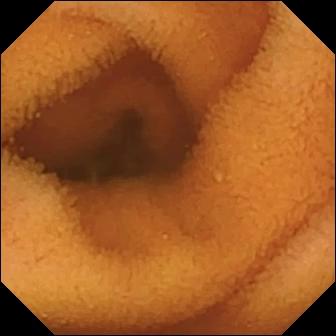Normal clean mucosa — capsule endoscopy image of the small bowel.